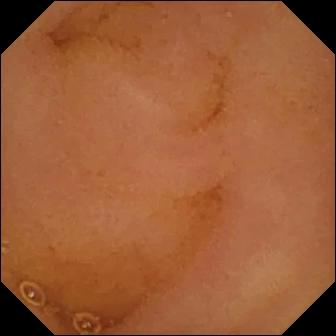VCE frame (small intestine). Normal clean mucosa.